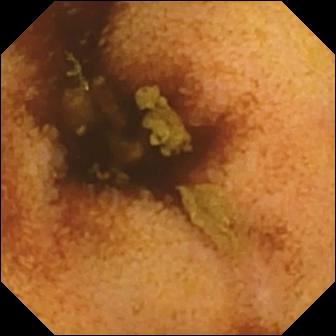{"modality": "WCE", "category": "luminal finding", "finding": "normal clean mucosa"}